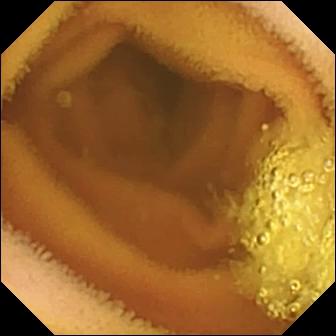- modality: capsule endoscopy
- impression: normal clean mucosa